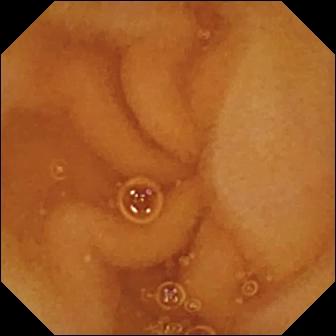Normal clean mucosa — VCE view of the small intestine.